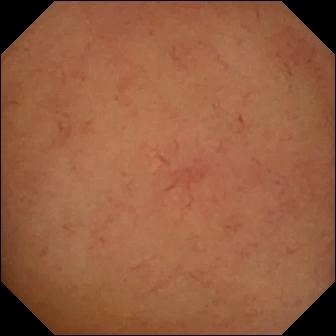Small-bowel capsule endoscopy — normal clean mucosa.